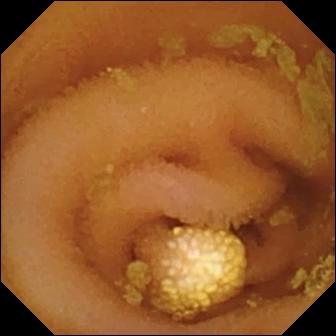Video capsule endoscopy image showing lymphangiectasia.